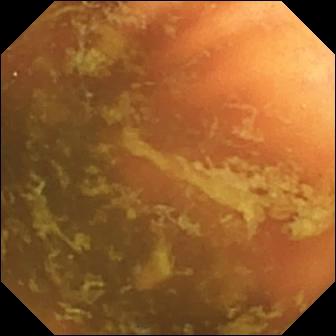- modality: small-bowel capsule endoscopy
- video segment: ileo-cecal valve region (where the capsule passes from the small bowel into the large bowel)